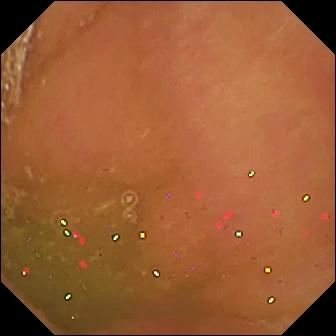Q: What does this VCE snapshot of the small intestine show?
A: Normal clean mucosa.